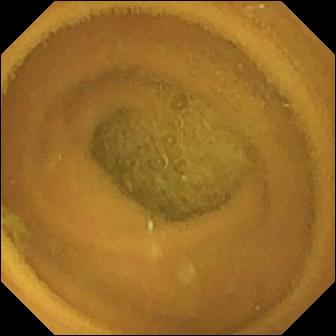Small-bowel capsule endoscopy — normal clean mucosa.